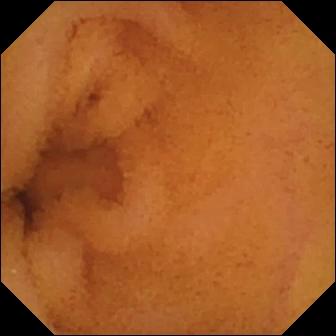Q: What does this small-bowel capsule endoscopy frame of the small bowel show?
A: Normal clean mucosa.